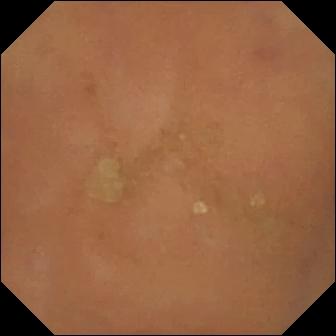PROCEDURE: Capsule endoscopy.
FINDINGS: Normal clean mucosa.